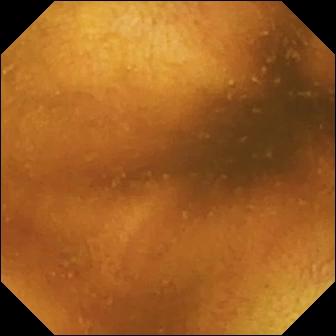PROCEDURE: VCE.
FINDINGS: Normal clean mucosa.